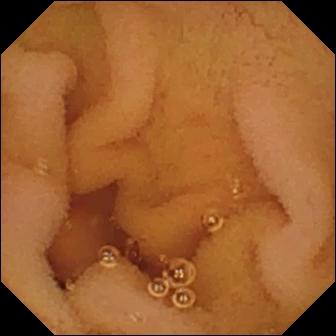Normal clean mucosa — VCE snapshot.